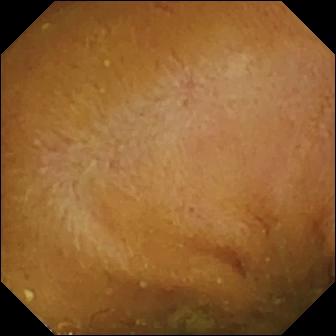Small-bowel capsule endoscopy frame
Observation: reduced mucosal view (content or bubbles obscuring the mucosa)